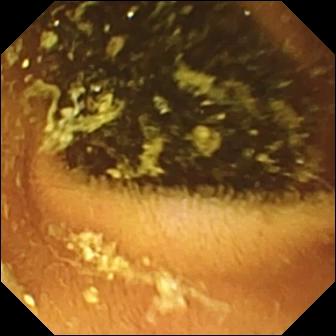WCE snapshot showing normal clean mucosa.